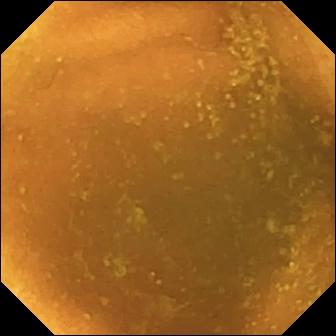Capsule endoscopy frame showing normal clean mucosa.